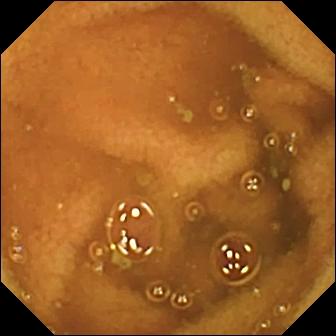PROCEDURE: Small-bowel capsule endoscopy.
FINDINGS: Normal clean mucosa.